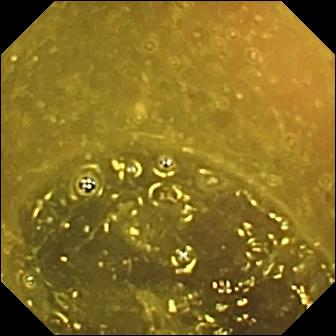Ileo-cecal valve region — capsule endoscopy still.